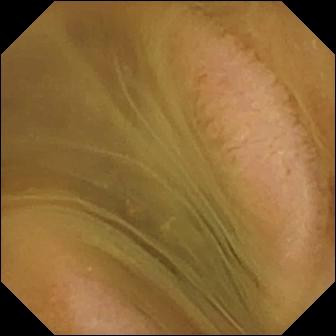Capsule endoscopy view of the small bowel showing normal clean mucosa.